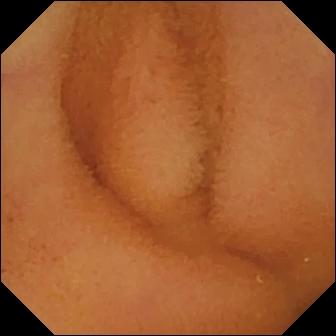Small-bowel capsule endoscopy image of the small intestine showing normal clean mucosa.